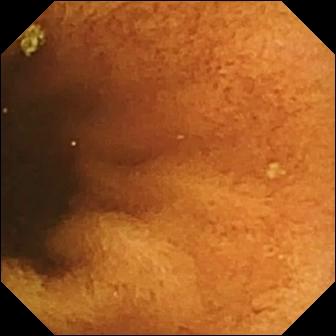WCE. Small bowel. Finding: normal clean mucosa.